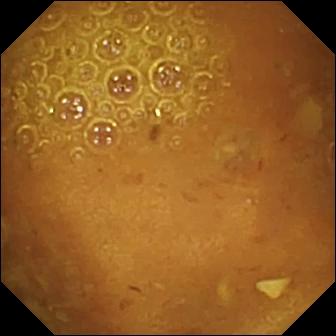WCE image. Reduced mucosal view (content or bubbles obscuring the mucosa).